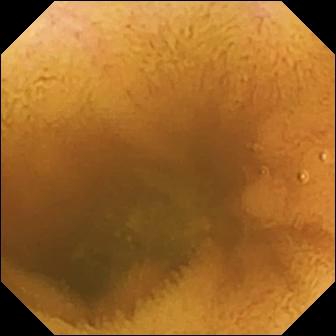- modality: video capsule endoscopy
- impression: normal clean mucosa